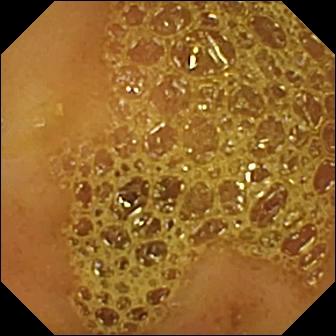Ileo-cecal valve region, 336×336.